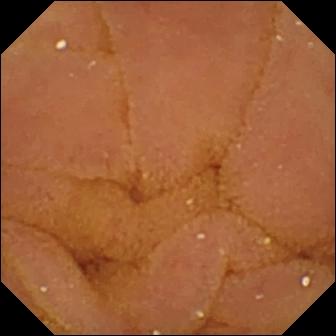This VCE still of the small bowel shows normal clean mucosa.